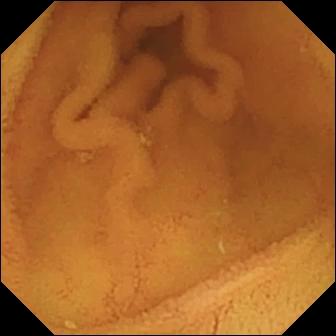Normal clean mucosa — small-bowel capsule endoscopy snapshot of the small intestine.